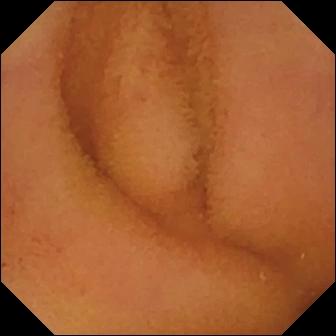Wireless capsule endoscopy image of the small bowel showing normal clean mucosa.